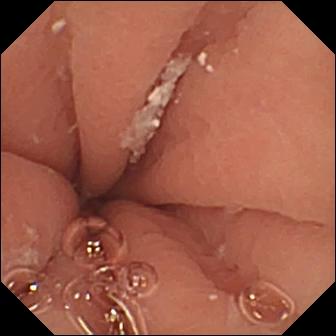Pylorus region (where the capsule passes from the stomach into the small bowel).